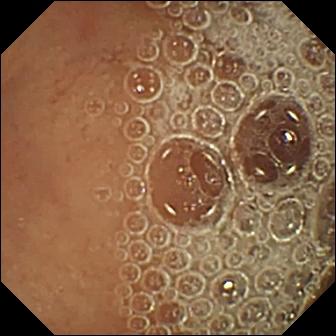WCE frame. Normal clean mucosa.